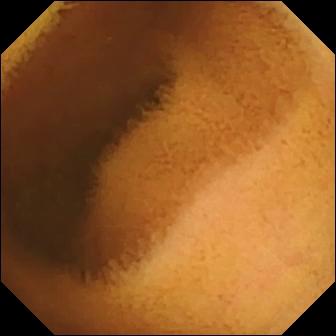Capsule endoscopy snapshot, small bowel
Finding: normal clean mucosa